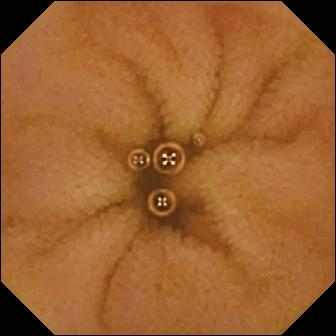Wireless capsule endoscopy frame
Finding: normal clean mucosa